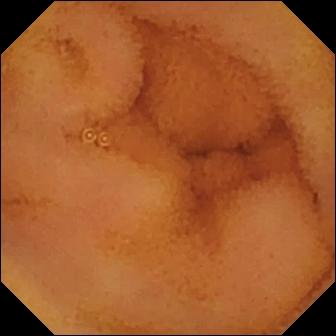{"modality": "VCE", "finding": "normal clean mucosa"}